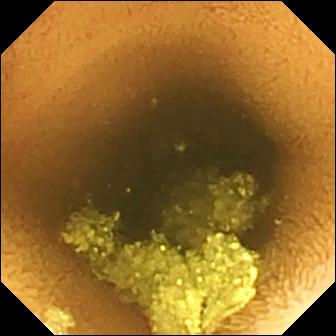modality: video capsule endoscopy; category: luminal finding; observation: normal clean mucosa